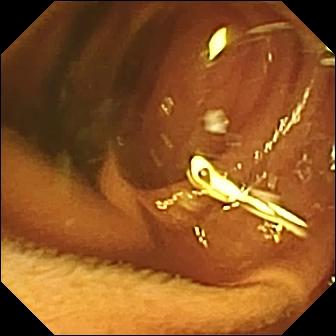Small-bowel capsule endoscopy view of the small intestine showing normal clean mucosa.